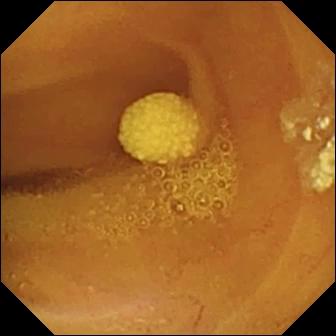WCE image showing lymphangiectasia.